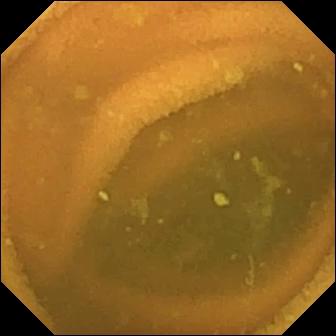VCE — normal clean mucosa.